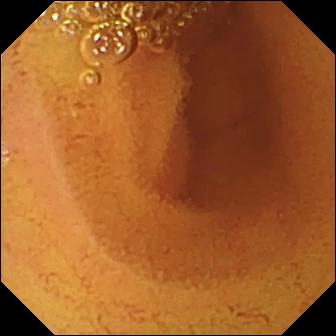{"modality": "small-bowel capsule endoscopy", "category": "luminal finding", "finding": "normal clean mucosa"}